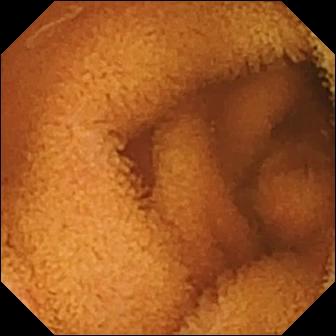{"modality": "capsule endoscopy", "segment": "small bowel", "finding": "normal clean mucosa"}